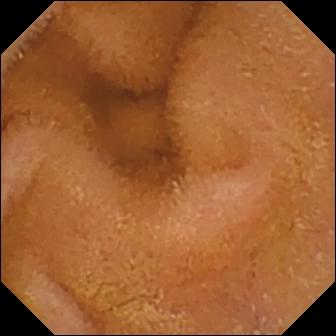This small-bowel capsule endoscopy image shows normal clean mucosa.